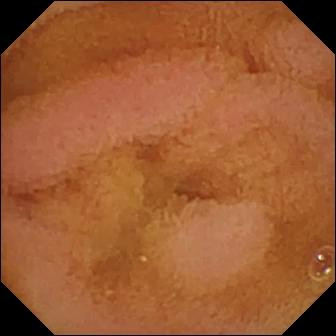Wireless capsule endoscopy frame
Finding: normal clean mucosa